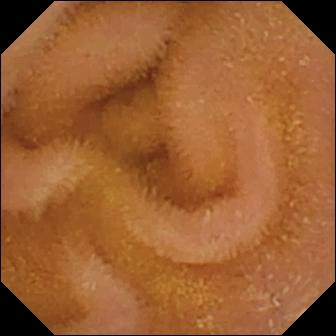Q: What does this small-bowel capsule endoscopy still show?
A: Normal clean mucosa.